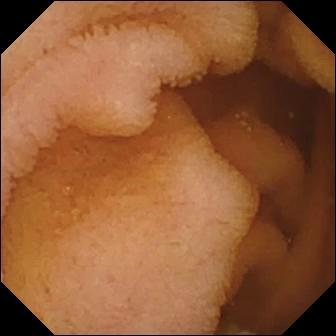WCE — normal clean mucosa.